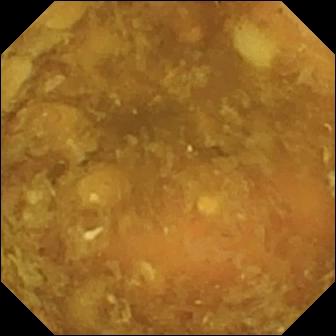Capsule endoscopy snapshot showing reduced mucosal view (content or bubbles obscuring the mucosa).